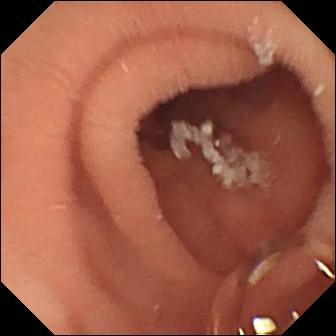{"modality": "WCE", "location": "pylorus region (where the capsule passes from the stomach into the small bowel)"}